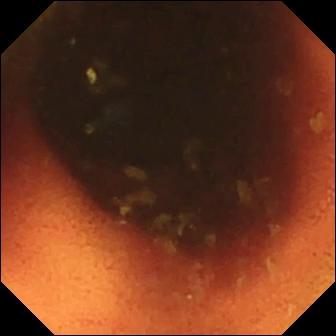- modality: WCE
- label: ileo-cecal valve region (the transition from the small bowel to the large bowel)